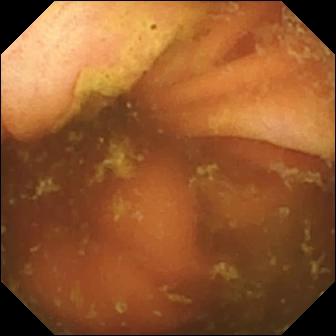Wireless capsule endoscopy — ileo-cecal valve region (where the capsule passes from the small bowel into the large bowel).